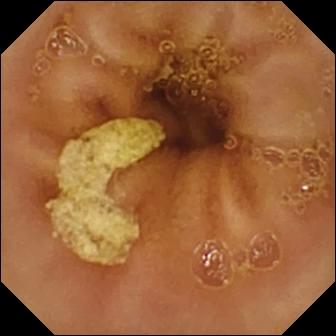- modality: capsule endoscopy
- observation: normal clean mucosa